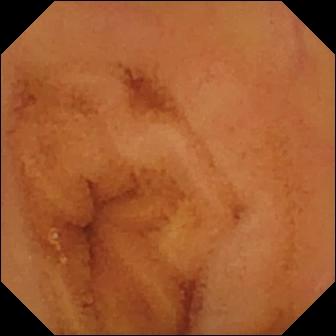modality: small-bowel capsule endoscopy
segment: small bowel
observation: normal clean mucosa